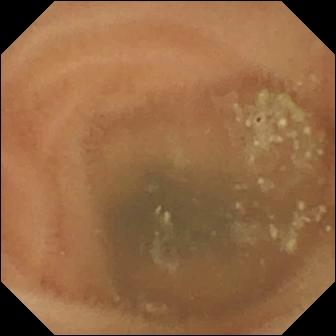PROCEDURE: Video capsule endoscopy.
FINDINGS: Normal clean mucosa.